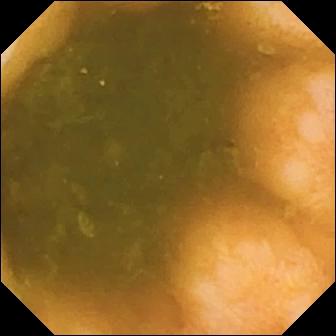WCE — ileo-cecal valve region (the transition from the small bowel to the large bowel).